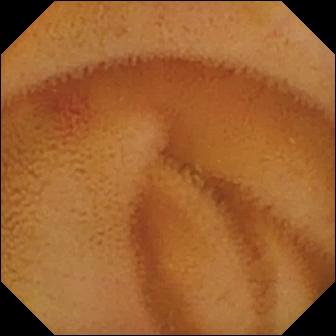Angiectasia.